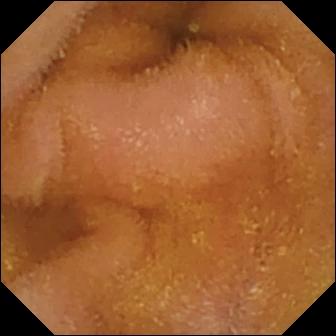VCE image, small bowel
Label: normal clean mucosa